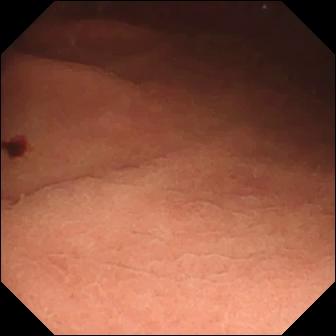Small-bowel capsule endoscopy. Luminal finding. Label: angiectasia.